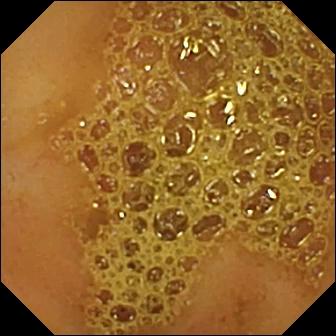WCE snapshot
Position: ileo-cecal valve region (the transition from the small bowel to the large bowel)